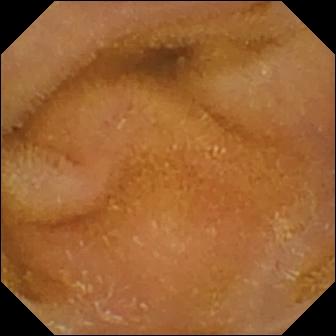Capsule endoscopy still, small intestine
Observation: normal clean mucosa